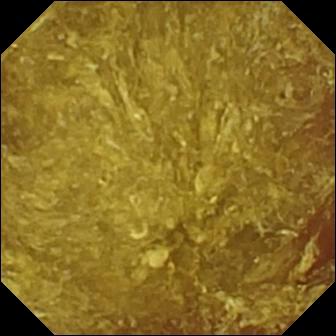Q: What does this capsule endoscopy view of the small bowel show?
A: Reduced mucosal view (content or bubbles obscuring the mucosa).